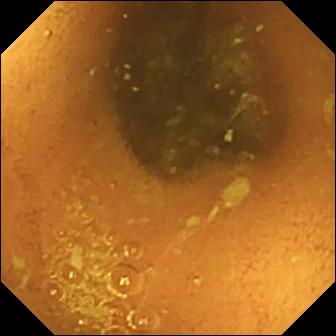PROCEDURE: WCE.
SEGMENT: Small bowel.
FINDINGS: Normal clean mucosa.